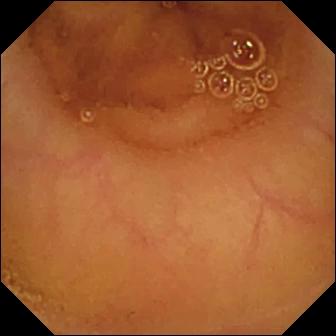WCE — normal clean mucosa.